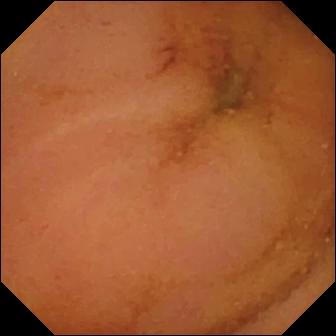modality: capsule endoscopy
impression: normal clean mucosa